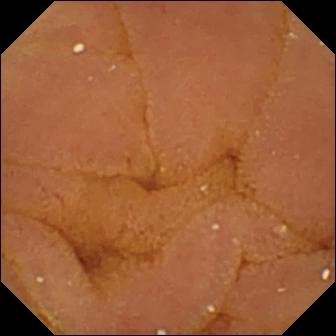Capsule endoscopy. Small intestine. Impression: normal clean mucosa.